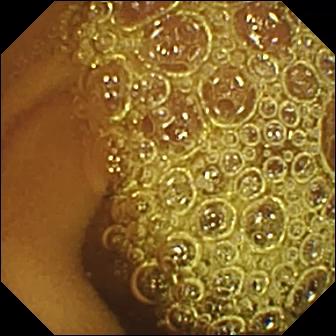- modality: wireless capsule endoscopy
- segment: small intestine
- observation: normal clean mucosa